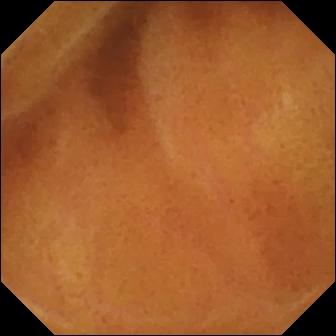Normal clean mucosa — small-bowel capsule endoscopy snapshot of the small intestine.